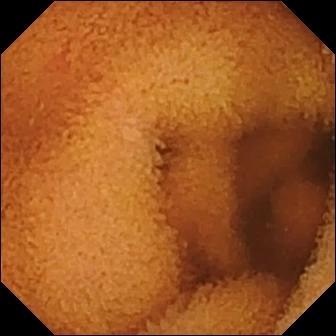Video capsule endoscopy image, small bowel
Impression: normal clean mucosa